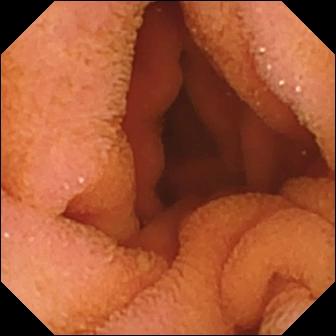Normal clean mucosa.